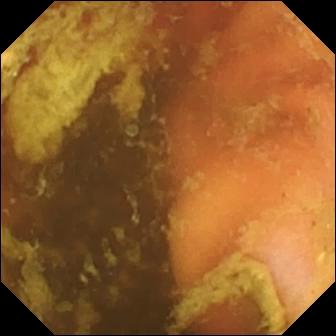Small-bowel capsule endoscopy frame. Taken in the ileo-cecal valve region.